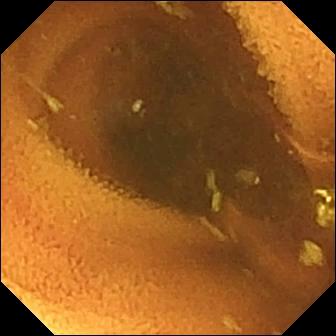Q: What does this capsule endoscopy image of the small bowel show?
A: Normal clean mucosa.